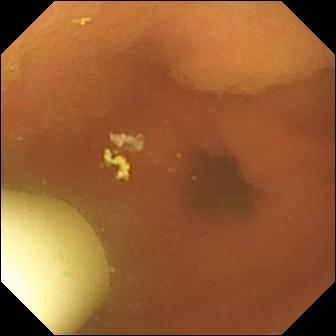Foreign body (e.g. retained capsule, tablet residue) — VCE frame.